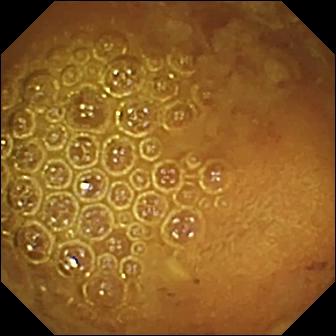modality: small-bowel capsule endoscopy
category: luminal finding
label: reduced mucosal view (content or bubbles obscuring the mucosa)